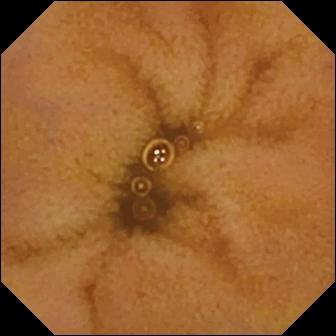Wireless capsule endoscopy. Small intestine. Finding: normal clean mucosa.